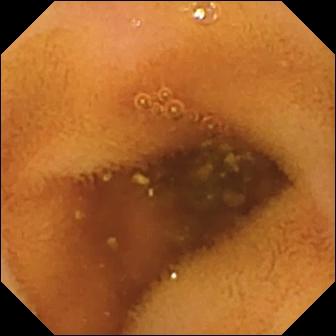Normal clean mucosa (336×336).